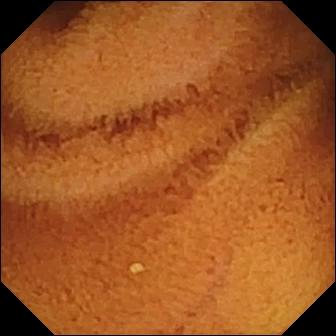Normal clean mucosa — video capsule endoscopy snapshot.